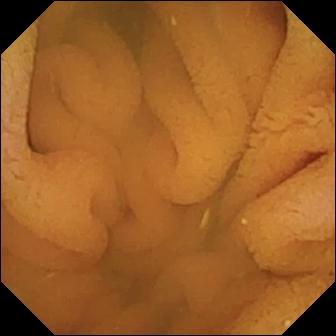PROCEDURE: WCE.
SEGMENT: Small intestine.
FINDINGS: Normal clean mucosa.